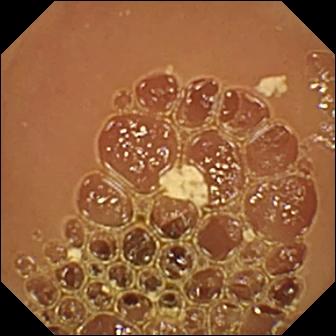Normal clean mucosa — wireless capsule endoscopy frame.